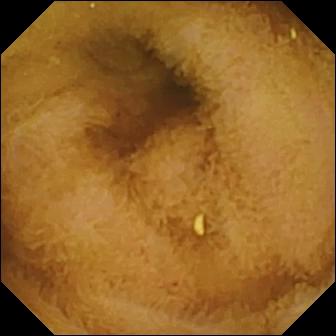Video capsule endoscopy image showing normal clean mucosa.